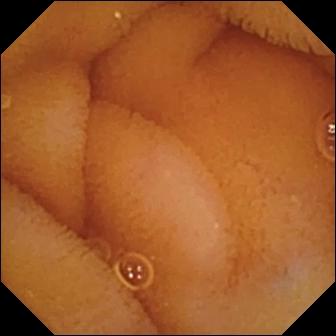{"modality": "WCE", "finding": "normal clean mucosa"}